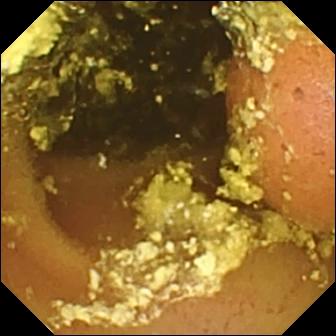- modality: WCE
- impression: foreign body (e.g. retained capsule, tablet residue)